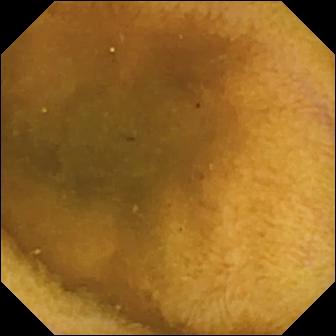Normal clean mucosa — VCE frame.